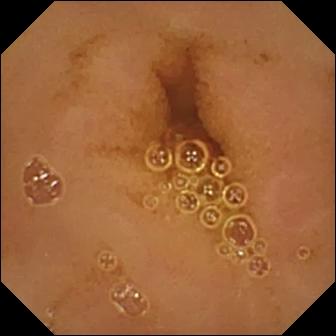Small-bowel capsule endoscopy — normal clean mucosa.